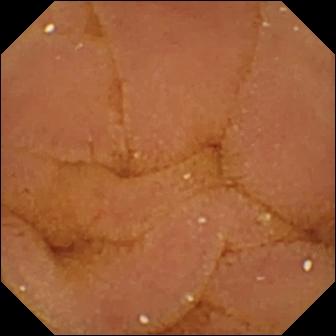PROCEDURE: Wireless capsule endoscopy.
SEGMENT: Small bowel.
FINDINGS: Normal clean mucosa.